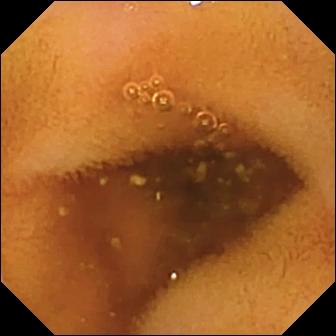Wireless capsule endoscopy — normal clean mucosa.